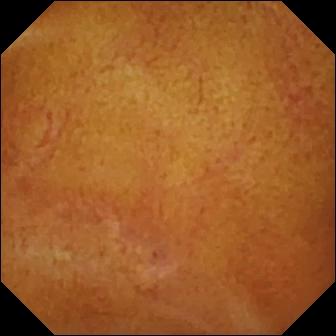This WCE snapshot shows normal clean mucosa.